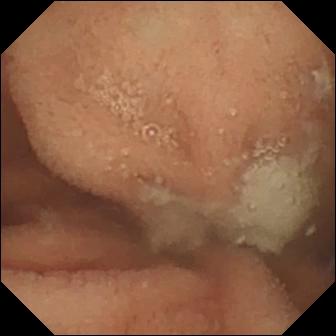This video capsule endoscopy still shows normal clean mucosa.